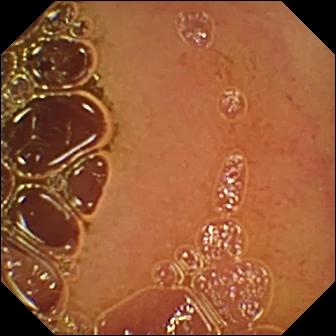- modality: WCE
- category: luminal finding
- observation: normal clean mucosa